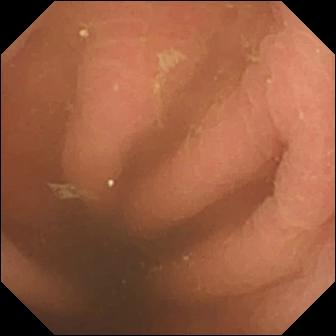- modality: wireless capsule endoscopy
- location: pylorus region (where the capsule passes from the stomach into the small bowel)